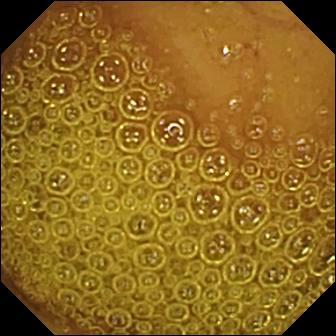Normal clean mucosa — wireless capsule endoscopy still of the small intestine.